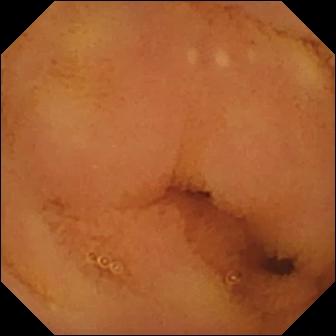PROCEDURE: Capsule endoscopy.
SEGMENT: Small bowel.
FINDINGS: Normal clean mucosa.